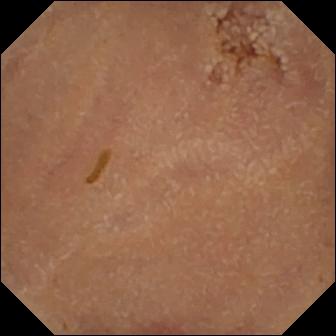- modality: WCE
- segment: small intestine
- finding: normal clean mucosa